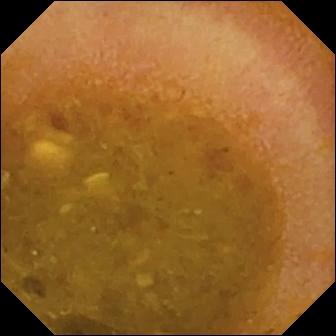PROCEDURE: VCE.
FINDINGS: Reduced mucosal view (content or bubbles obscuring the mucosa).